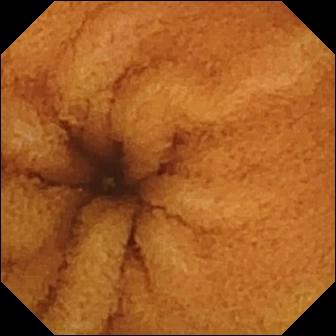Video capsule endoscopy view (small intestine). Normal clean mucosa.